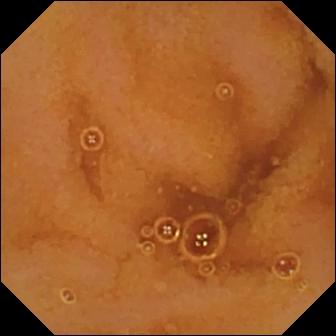Wireless capsule endoscopy. Small intestine. Luminal finding. Label: normal clean mucosa.